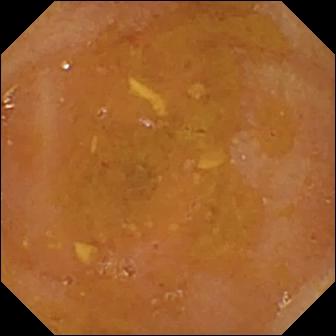Reduced mucosal view (content or bubbles obscuring the mucosa) — small-bowel capsule endoscopy still of the small intestine.